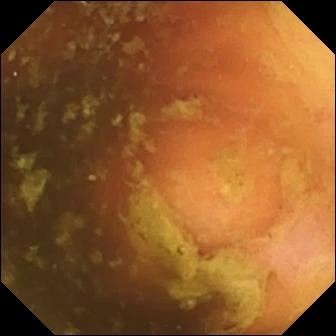- modality: small-bowel capsule endoscopy
- category: anatomical landmark
- location: ileo-cecal valve region